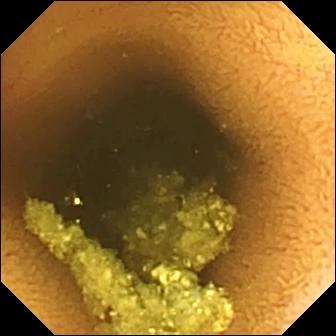PROCEDURE: Wireless capsule endoscopy.
FINDINGS: Normal clean mucosa.